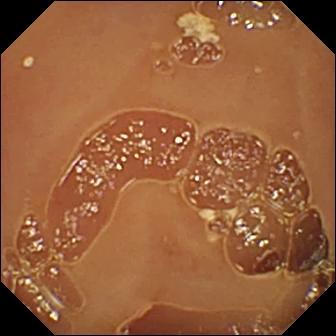WCE still, small intestine
Label: normal clean mucosa